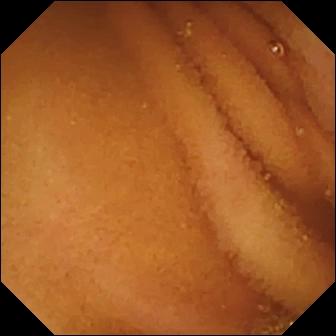modality: video capsule endoscopy; observation: normal clean mucosa